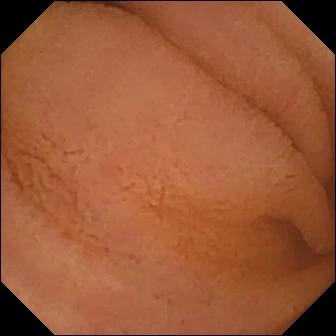Small-bowel capsule endoscopy. Small bowel. Observation: normal clean mucosa.